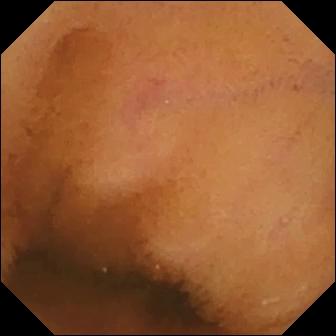Small-bowel capsule endoscopy. Small bowel. Label: normal clean mucosa.